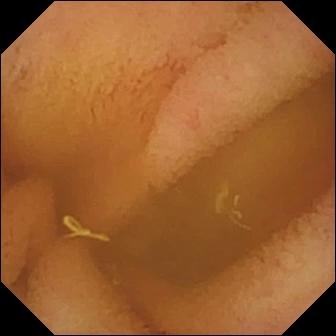VCE — normal clean mucosa.